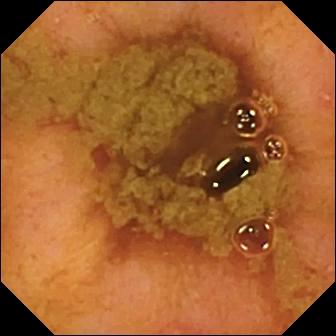VCE — ileo-cecal valve region (where the capsule passes from the small bowel into the large bowel).